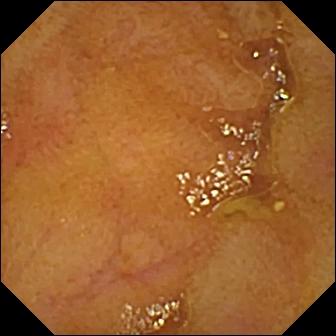Video capsule endoscopy snapshot. Taken in the ileo-cecal valve region (where the capsule passes from the small bowel into the large bowel).